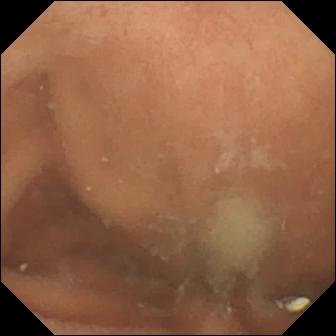Video capsule endoscopy — normal clean mucosa.